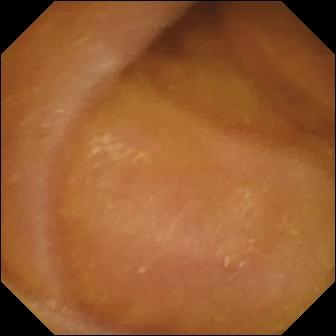VCE snapshot, 336×336. Normal clean mucosa.